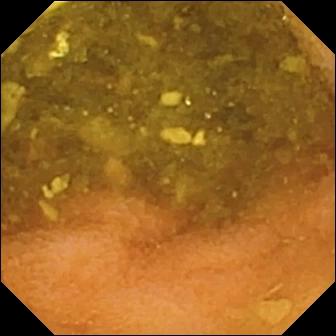Q: What does this wireless capsule endoscopy frame of the small intestine show?
A: Normal clean mucosa.